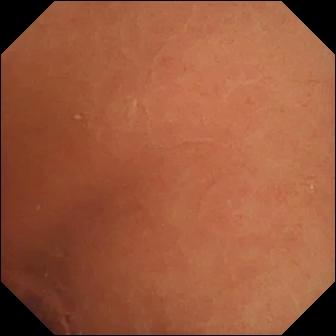{"modality": "video capsule endoscopy", "category": "luminal finding", "finding": "normal clean mucosa"}